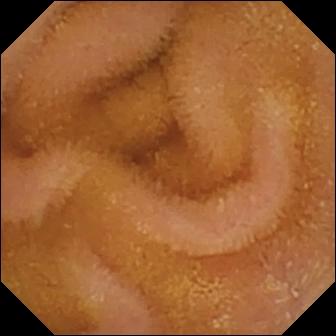{"modality": "WCE", "segment": "small bowel", "finding": "normal clean mucosa"}